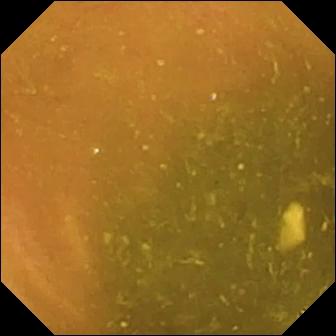modality: capsule endoscopy; category: anatomical landmark; position: ileo-cecal valve region (the transition from the small bowel to the large bowel)